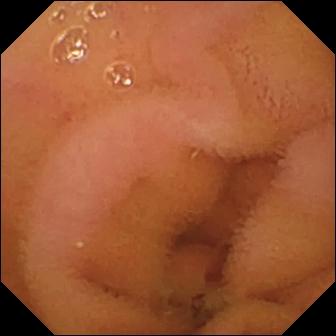Small-bowel capsule endoscopy snapshot, small bowel
Finding: normal clean mucosa